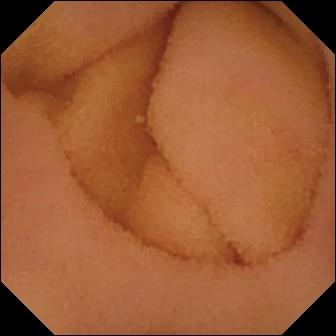Capsule endoscopy snapshot, small bowel
Impression: normal clean mucosa